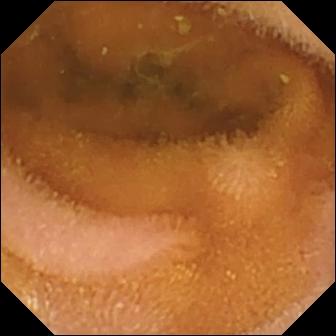Video capsule endoscopy — normal clean mucosa.